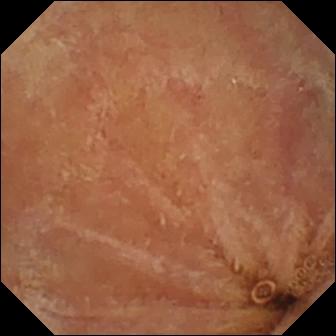Capsule endoscopy. Finding: normal clean mucosa.